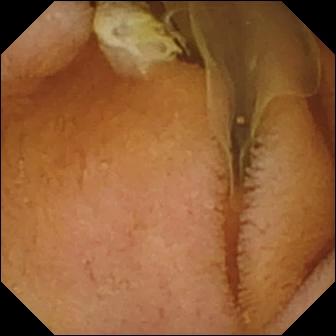VCE — normal clean mucosa.